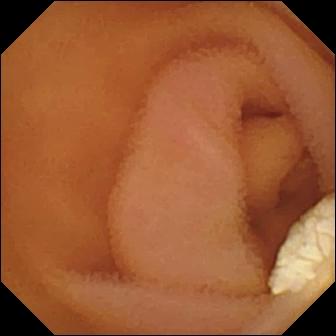This VCE view shows lymphangiectasia.